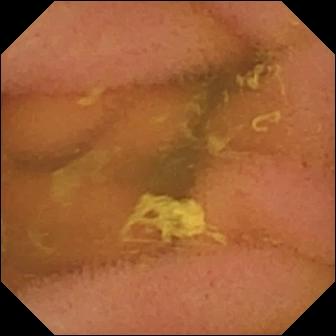Small-bowel capsule endoscopy view showing normal clean mucosa.